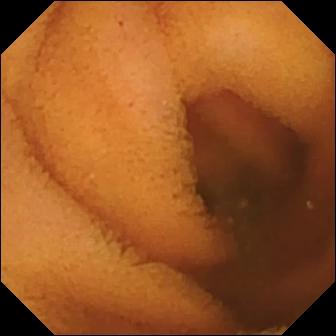VCE — normal clean mucosa.